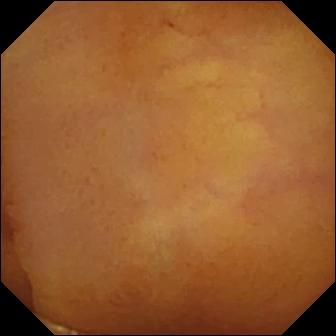PROCEDURE: VCE.
FINDINGS: Normal clean mucosa.